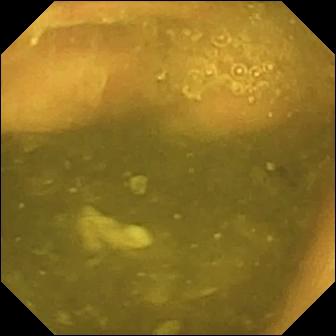- modality: capsule endoscopy
- location: ileo-cecal valve region